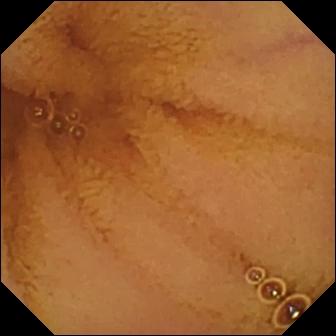- modality: WCE
- observation: normal clean mucosa